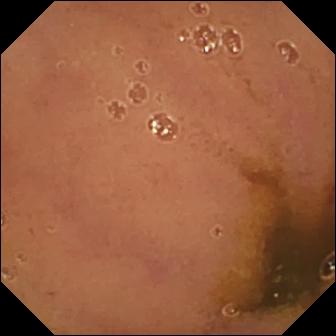PROCEDURE: VCE.
SEGMENT: Small bowel.
FINDINGS: Normal clean mucosa.